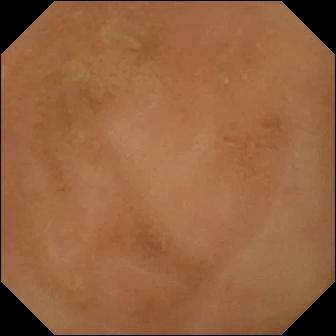- modality: small-bowel capsule endoscopy
- segment: small bowel
- observation: normal clean mucosa